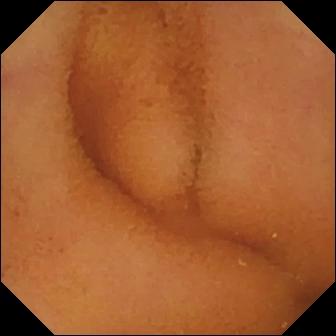Video capsule endoscopy view, small intestine
Finding: normal clean mucosa